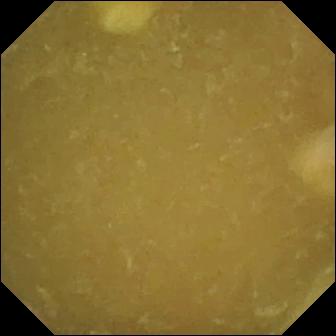This small-bowel capsule endoscopy snapshot was taken in the ileo-cecal valve region.